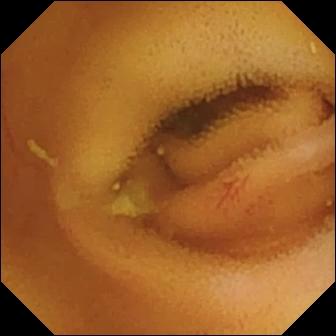PROCEDURE: VCE.
FINDINGS: Angiectasia.